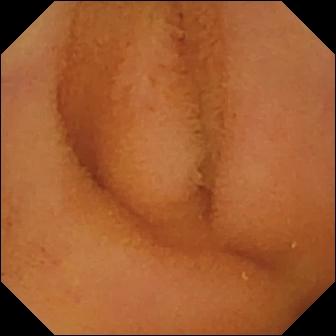WCE frame. Normal clean mucosa.